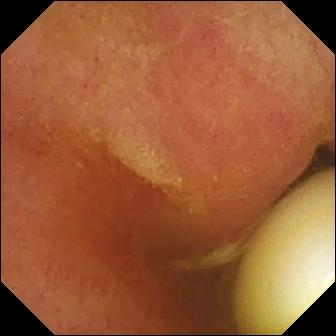VCE image
Label: foreign body (e.g. retained capsule, tablet residue)